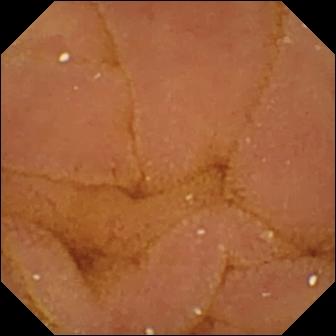Capsule endoscopy view, small bowel
Label: normal clean mucosa